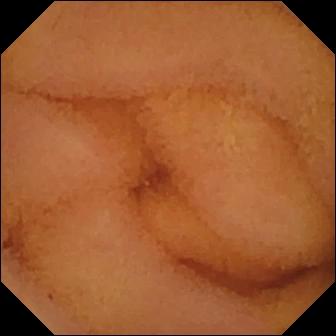Q: What does this small-bowel capsule endoscopy still show?
A: Normal clean mucosa.